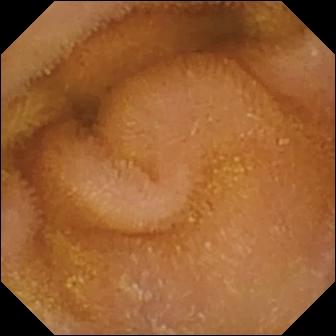{"modality": "capsule endoscopy", "segment": "small bowel", "finding": "normal clean mucosa"}